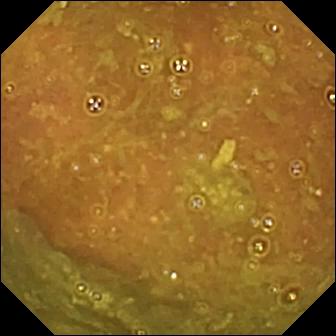Small-bowel capsule endoscopy still. Taken in the ileo-cecal valve region (where the capsule passes from the small bowel into the large bowel).